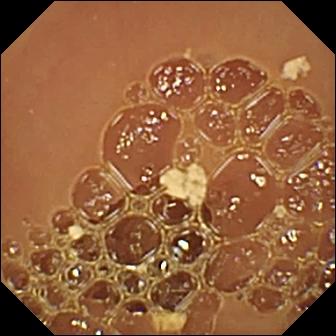Wireless capsule endoscopy view
Impression: normal clean mucosa